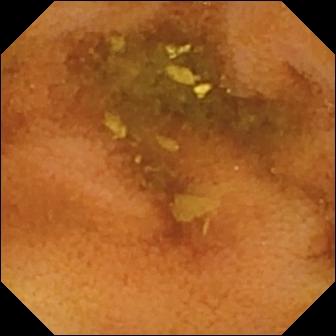VCE still
Finding: normal clean mucosa